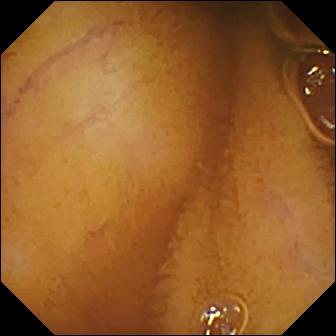This capsule endoscopy still of the small bowel shows normal clean mucosa.